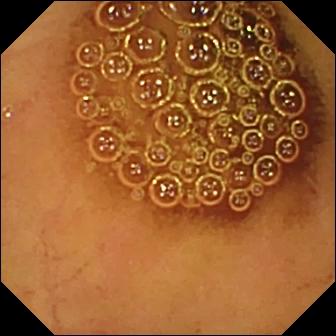- modality: capsule endoscopy
- segment: small bowel
- impression: normal clean mucosa